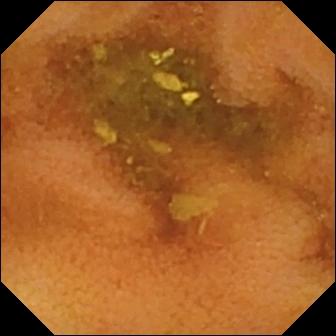VCE — normal clean mucosa.